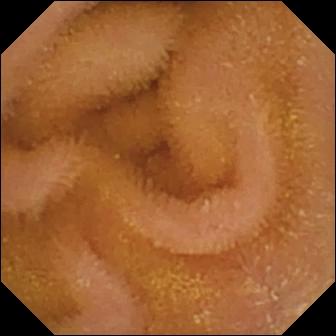Wireless capsule endoscopy image
Observation: normal clean mucosa